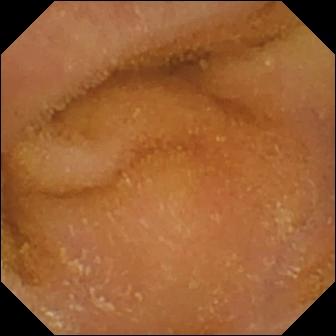- modality: WCE
- segment: small intestine
- impression: normal clean mucosa